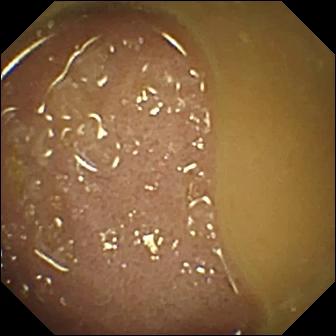{"modality": "wireless capsule endoscopy", "position": "ileo-cecal valve region (where the capsule passes from the small bowel into the large bowel)"}